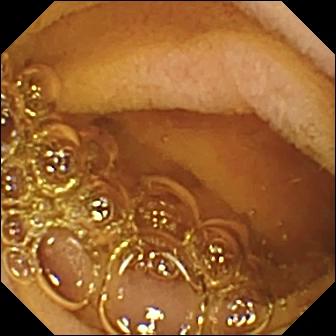WCE snapshot. Normal clean mucosa.